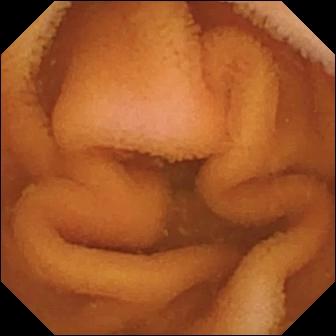{"modality": "VCE", "finding": "normal clean mucosa"}